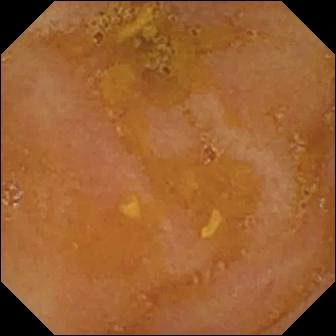Q: What does this VCE snapshot show?
A: Reduced mucosal view (content or bubbles obscuring the mucosa).